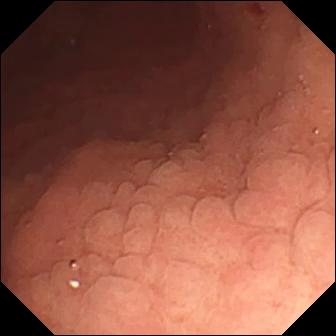Small-bowel capsule endoscopy — angiectasia.